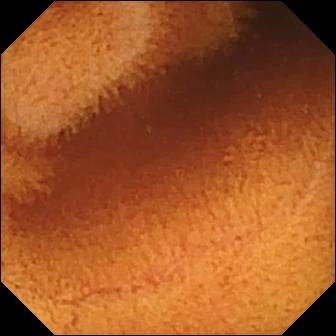PROCEDURE: WCE.
SEGMENT: Small intestine.
FINDINGS: Normal clean mucosa.